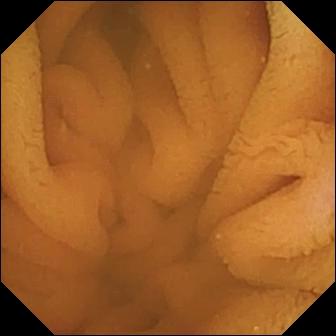- modality: wireless capsule endoscopy
- category: luminal finding
- impression: normal clean mucosa